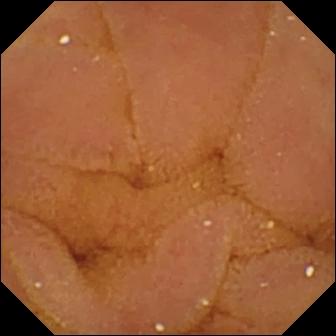modality: capsule endoscopy | category: luminal finding | label: normal clean mucosa